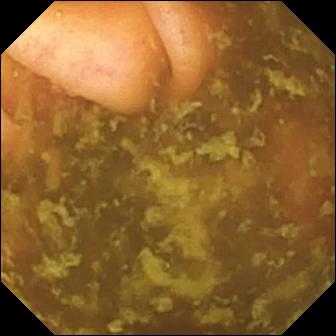This WCE view was taken in the ileo-cecal valve region (the transition from the small bowel to the large bowel).